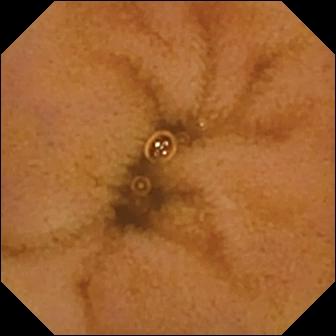Capsule endoscopy — normal clean mucosa.